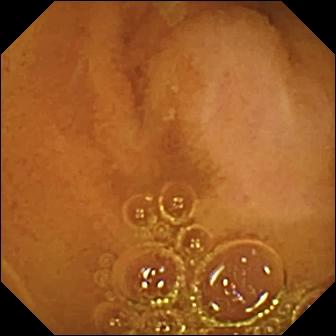Q: What does this VCE still show?
A: Normal clean mucosa.